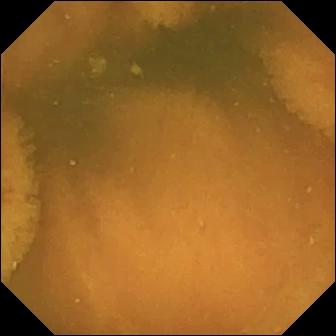PROCEDURE: VCE.
FINDINGS: Normal clean mucosa.